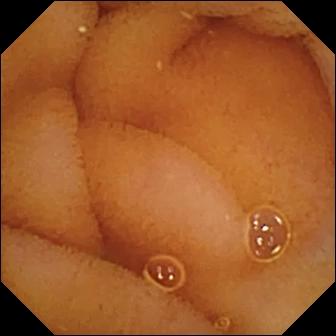Q: What does this video capsule endoscopy image show?
A: Normal clean mucosa.